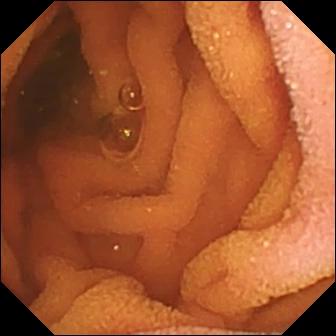PROCEDURE: Video capsule endoscopy.
SEGMENT: Small intestine.
FINDINGS: Normal clean mucosa.